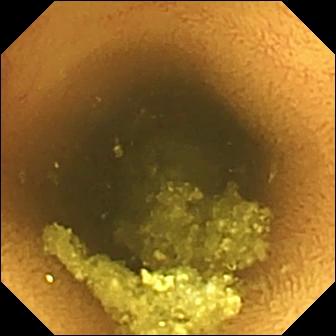Video capsule endoscopy snapshot (small bowel), 336×336. Normal clean mucosa.